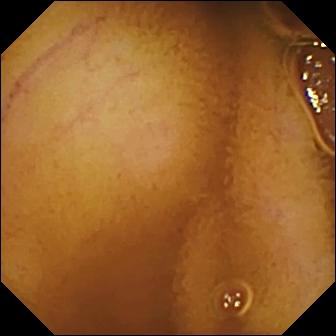{"modality": "capsule endoscopy", "finding": "normal clean mucosa"}